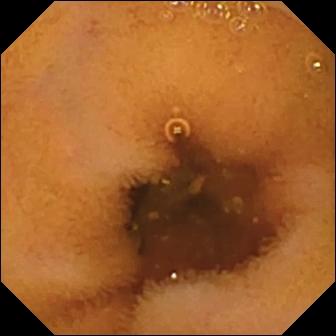PROCEDURE: Small-bowel capsule endoscopy.
SEGMENT: Small bowel.
FINDINGS: Normal clean mucosa.